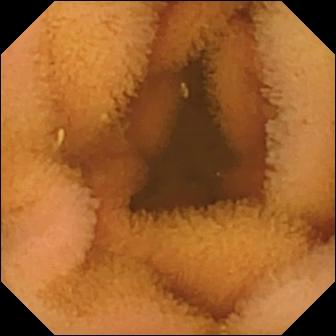Wireless capsule endoscopy frame showing normal clean mucosa.